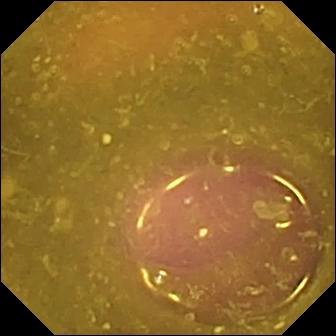Reduced mucosal view (content or bubbles obscuring the mucosa) — WCE image.